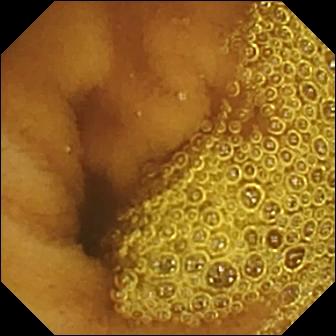PROCEDURE: Capsule endoscopy.
FINDINGS: Normal clean mucosa.